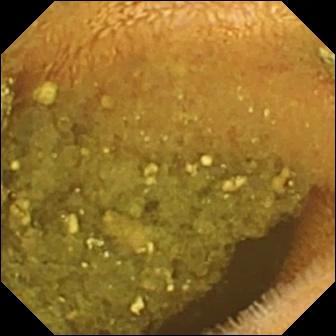- modality: small-bowel capsule endoscopy
- segment: small bowel
- category: luminal finding
- label: reduced mucosal view (content or bubbles obscuring the mucosa)